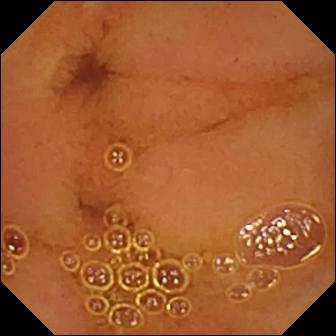{"modality": "WCE", "category": "luminal finding", "finding": "normal clean mucosa"}